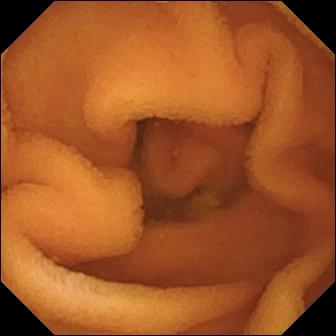Normal clean mucosa (336×336).